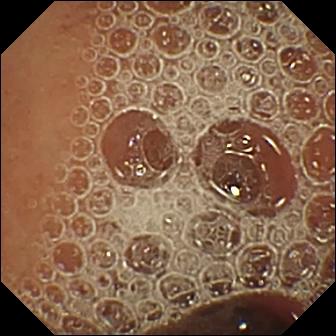VCE — normal clean mucosa.